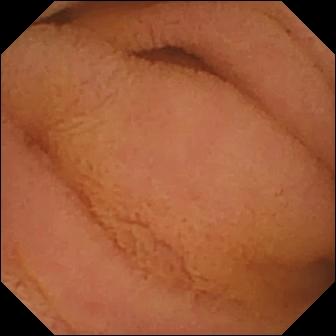WCE view, small intestine
Label: normal clean mucosa